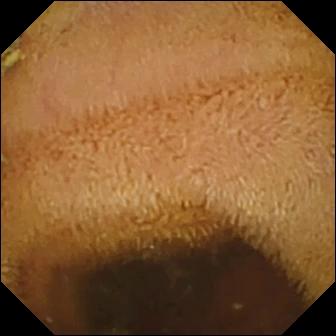PROCEDURE: Wireless capsule endoscopy.
SEGMENT: Small intestine.
FINDINGS: Normal clean mucosa.